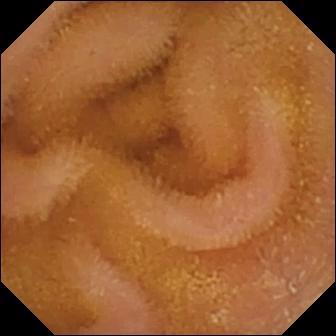VCE view of the small bowel showing normal clean mucosa.